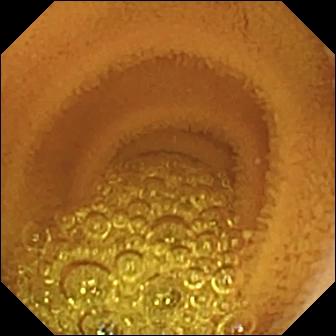WCE. Small intestine. Observation: normal clean mucosa.